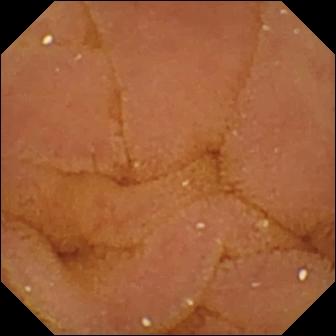Video capsule endoscopy image. Normal clean mucosa.